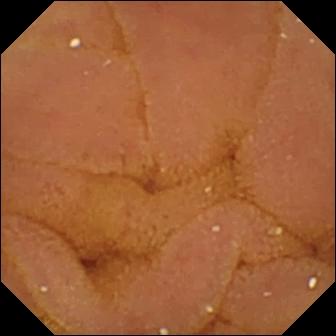Wireless capsule endoscopy view, 336×336. Normal clean mucosa.